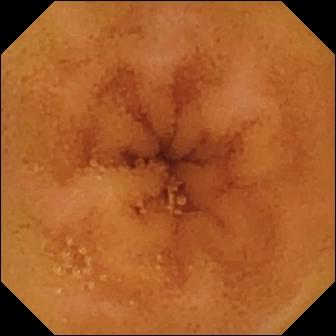PROCEDURE: Wireless capsule endoscopy.
SEGMENT: Small intestine.
FINDINGS: Normal clean mucosa.